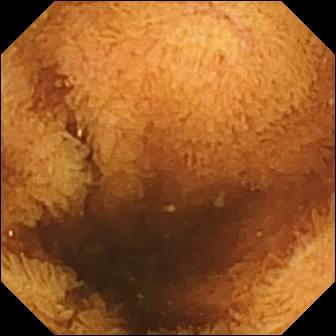Small-bowel capsule endoscopy frame. Normal clean mucosa.